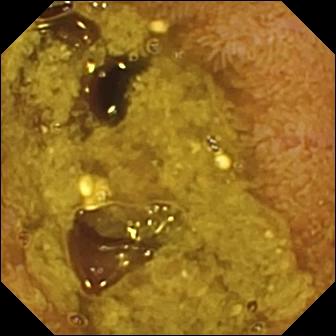- modality: VCE
- category: anatomical landmark
- location: ileo-cecal valve region (the transition from the small bowel to the large bowel)